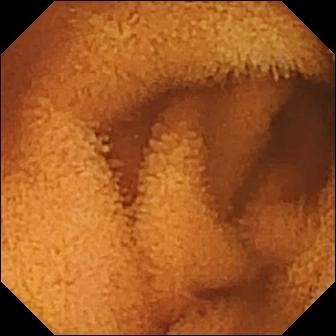WCE still showing normal clean mucosa.